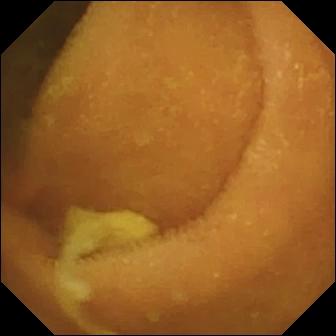Capsule endoscopy snapshot (small bowel). Normal clean mucosa.